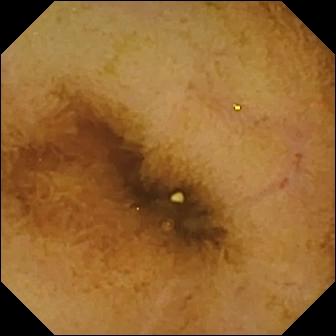Capsule endoscopy view (small intestine). Normal clean mucosa.